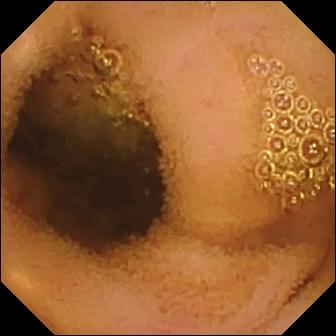Capsule endoscopy image of the small intestine showing normal clean mucosa.